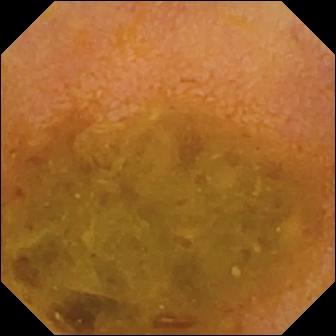Reduced mucosal view (content or bubbles obscuring the mucosa) — VCE frame.